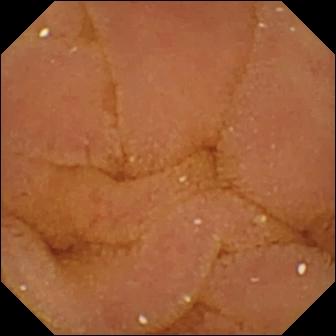PROCEDURE: Video capsule endoscopy.
SEGMENT: Small bowel.
FINDINGS: Normal clean mucosa.